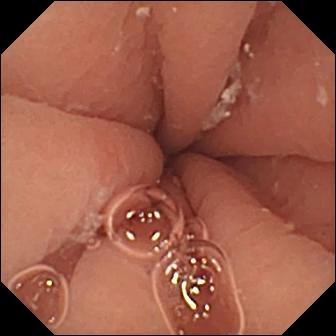Pylorus region.